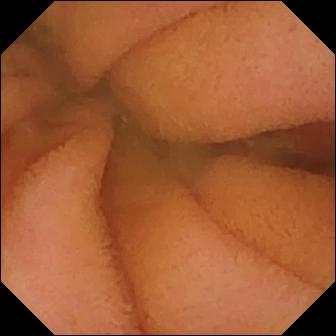Wireless capsule endoscopy frame of the small bowel showing normal clean mucosa.